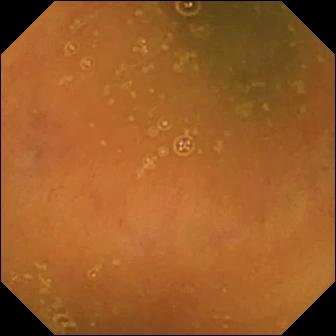Ileo-cecal valve region (where the capsule passes from the small bowel into the large bowel) — capsule endoscopy image.